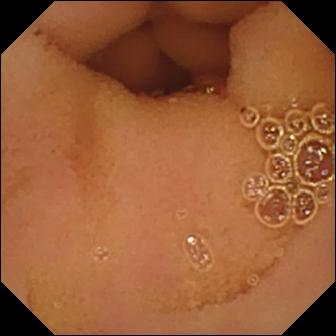This video capsule endoscopy frame of the small intestine shows normal clean mucosa.